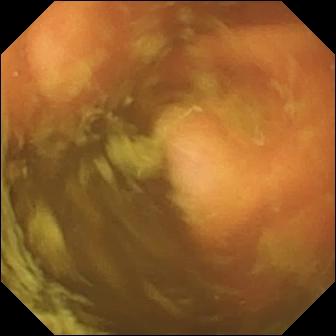This WCE still was taken in the ileo-cecal valve region (the transition from the small bowel to the large bowel).